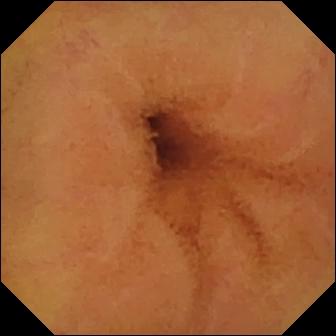Small-bowel capsule endoscopy view
Label: normal clean mucosa